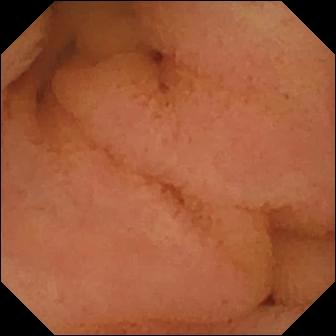Normal clean mucosa.